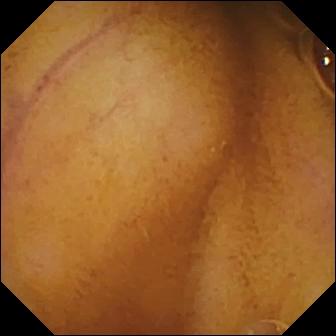VCE image
Finding: normal clean mucosa